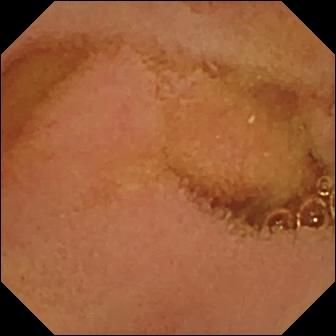Wireless capsule endoscopy. Small bowel. Label: normal clean mucosa.